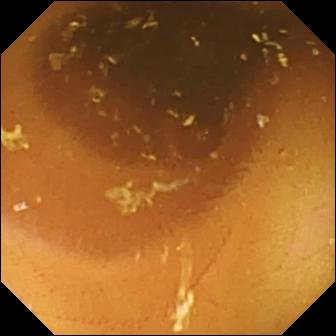Q: What does this WCE frame show?
A: Normal clean mucosa.